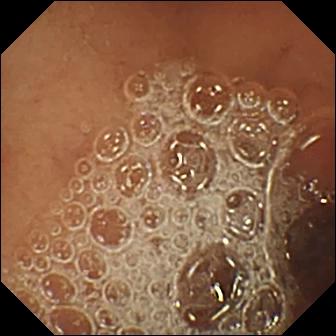Capsule endoscopy. Observation: normal clean mucosa.